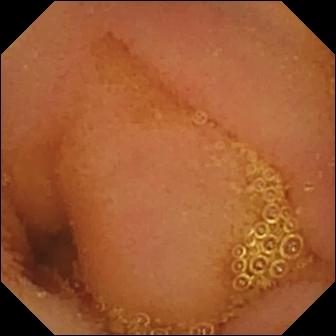Normal clean mucosa — wireless capsule endoscopy image of the small bowel.